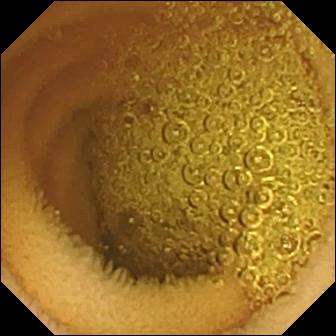Normal clean mucosa (336×336).